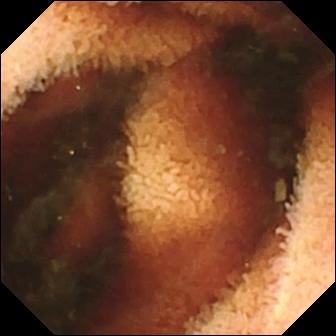modality: capsule endoscopy; category: luminal finding; impression: fresh blood in the lumen